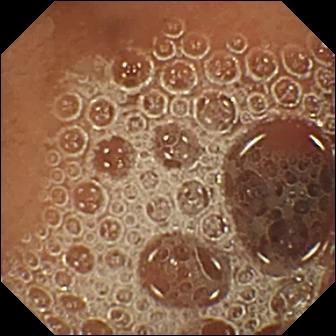Normal clean mucosa.